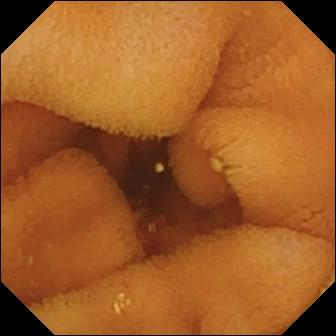Normal clean mucosa — VCE image of the small intestine.